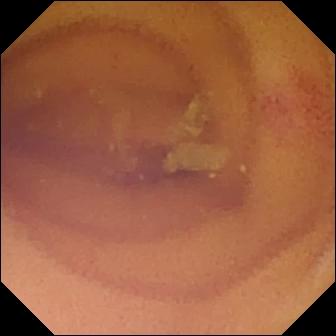This small-bowel capsule endoscopy still shows angiectasia.